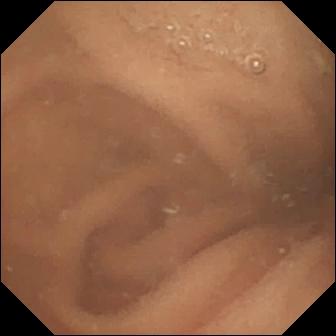Normal clean mucosa — small-bowel capsule endoscopy snapshot.